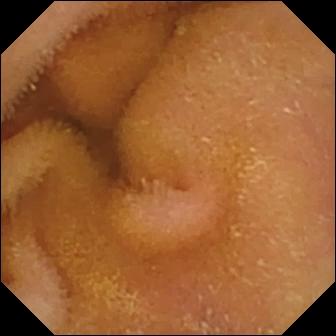Wireless capsule endoscopy — normal clean mucosa.